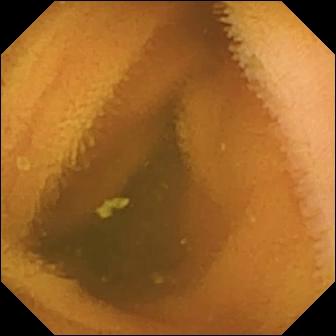PROCEDURE: Video capsule endoscopy.
FINDINGS: Normal clean mucosa.